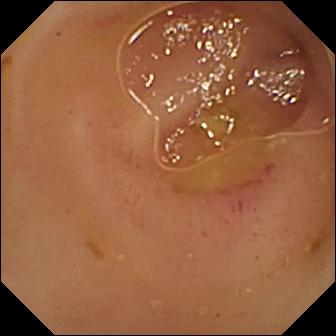Erythema (mucosal redness) — WCE snapshot.